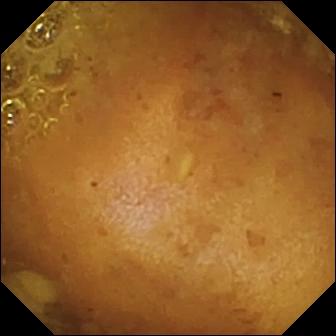Reduced mucosal view (content or bubbles obscuring the mucosa) — VCE still.